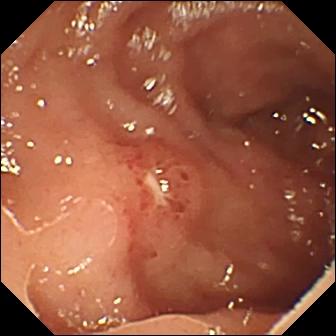This video capsule endoscopy still shows ulcer.